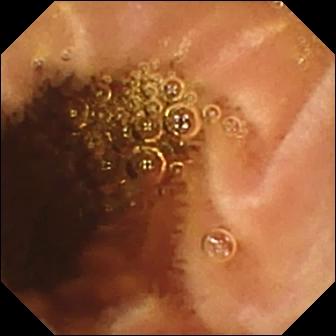Wireless capsule endoscopy view, small bowel
Impression: normal clean mucosa